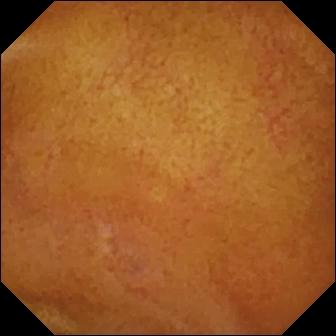Video capsule endoscopy — normal clean mucosa.